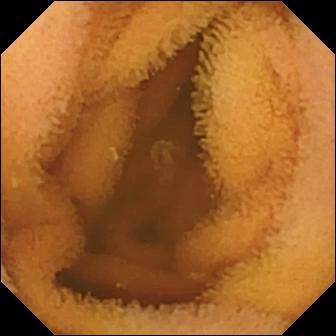- modality: wireless capsule endoscopy
- finding: normal clean mucosa